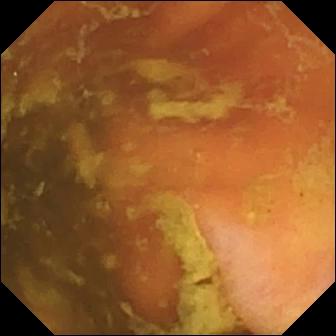VCE snapshot, 336×336. Taken in the ileo-cecal valve region (where the capsule passes from the small bowel into the large bowel).